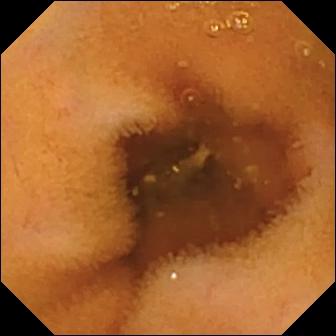Normal clean mucosa — video capsule endoscopy still of the small bowel.